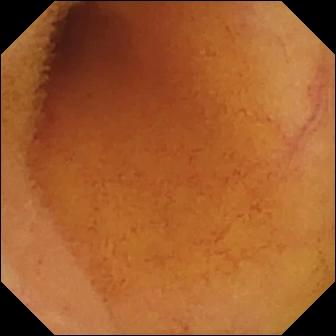Normal clean mucosa — small-bowel capsule endoscopy frame.